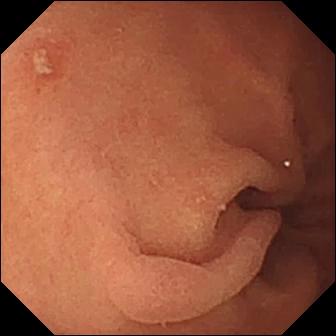Q: What does this VCE still show?
A: Erosion.